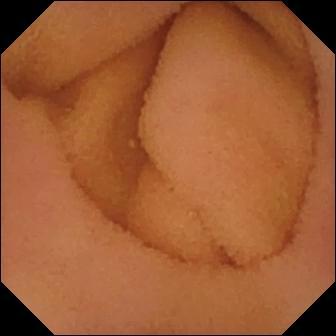WCE. Finding: normal clean mucosa.